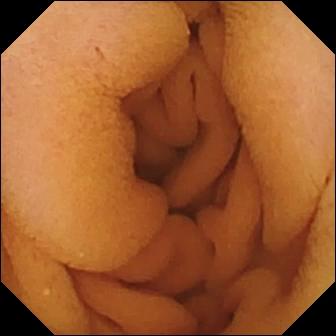WCE — normal clean mucosa.